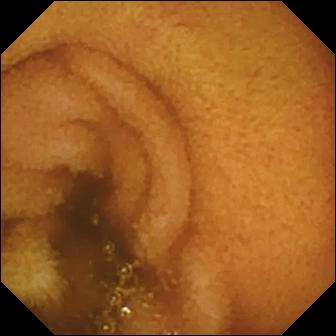{"modality": "small-bowel capsule endoscopy", "finding": "normal clean mucosa"}